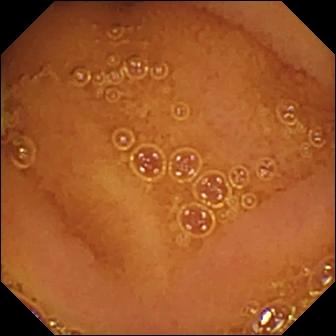Normal clean mucosa — capsule endoscopy frame of the small intestine.